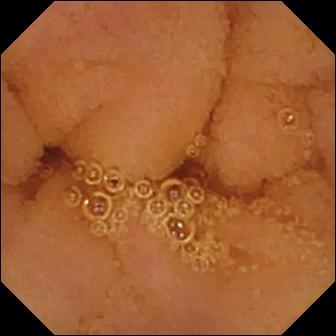This wireless capsule endoscopy snapshot of the small bowel shows normal clean mucosa.